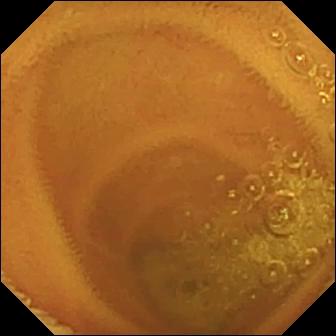Normal clean mucosa — small-bowel capsule endoscopy snapshot.